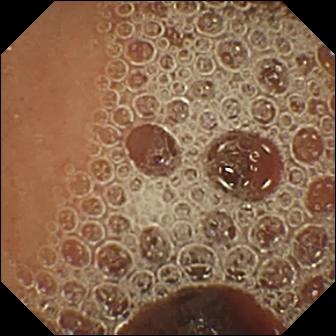PROCEDURE: Wireless capsule endoscopy.
FINDINGS: Normal clean mucosa.